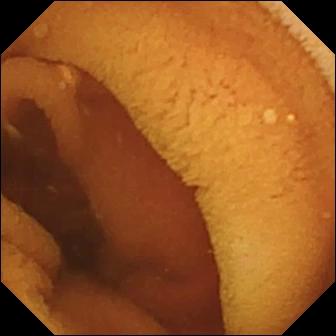Normal clean mucosa — wireless capsule endoscopy image.